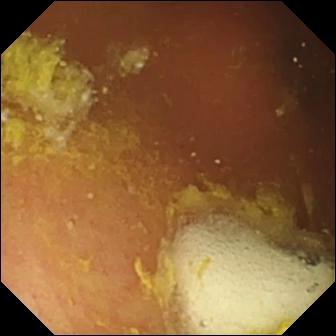VCE still
Observation: foreign body (e.g. retained capsule, tablet residue)